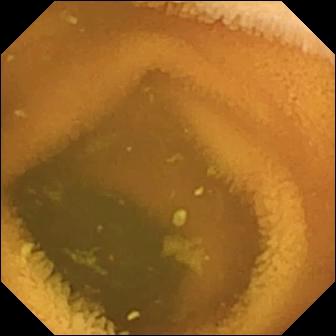modality: capsule endoscopy; finding: normal clean mucosa